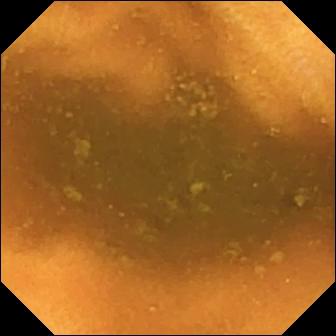Wireless capsule endoscopy — normal clean mucosa.